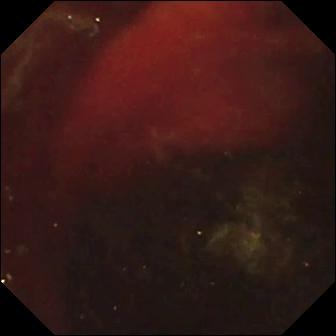Capsule endoscopy — fresh blood in the lumen.